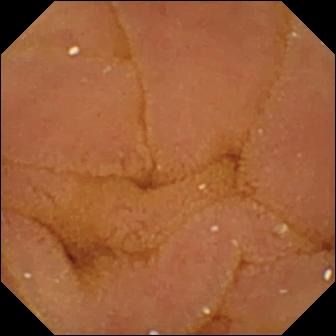{"modality": "video capsule endoscopy", "finding": "normal clean mucosa"}